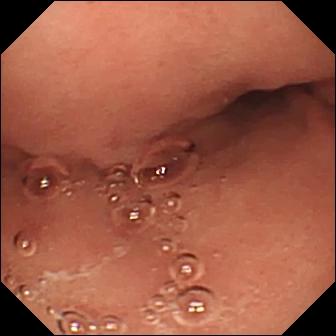Pylorus region (the junction between the stomach and the small bowel) — VCE snapshot.